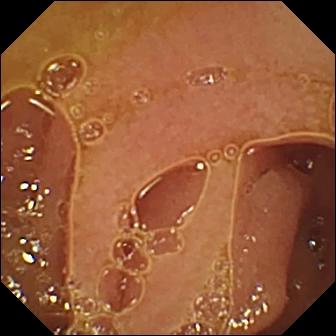Capsule endoscopy frame of the small bowel showing normal clean mucosa.